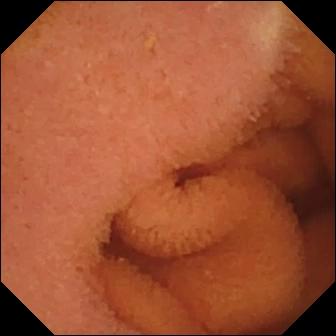VCE. Small bowel. Finding: normal clean mucosa.